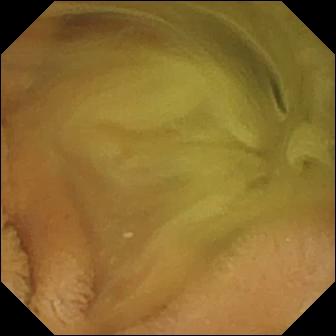modality: small-bowel capsule endoscopy | segment: small intestine | observation: normal clean mucosa